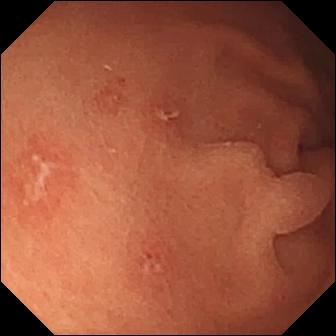Erosion — capsule endoscopy frame.